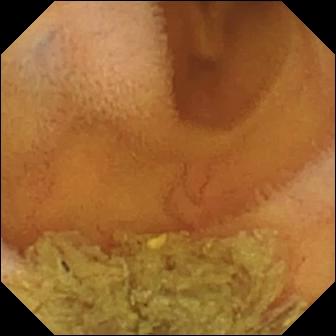Q: What does this small-bowel capsule endoscopy image show?
A: Normal clean mucosa.